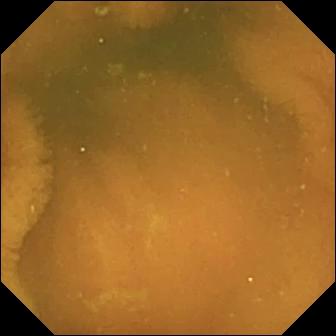Small-bowel capsule endoscopy. Luminal finding. Label: normal clean mucosa.